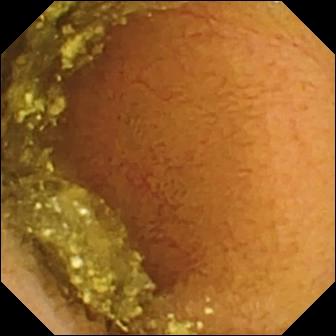Small-bowel capsule endoscopy — normal clean mucosa.